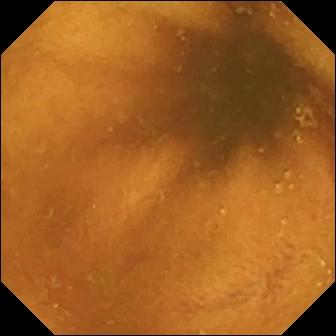WCE — normal clean mucosa.